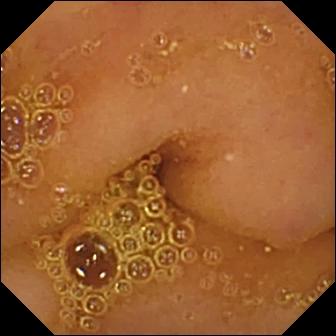VCE — normal clean mucosa.